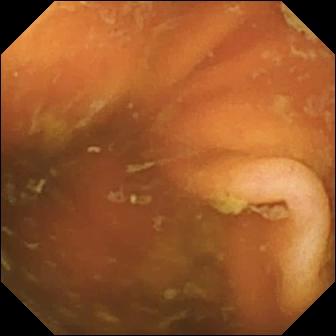PROCEDURE: VCE.
LOCATION: Ileo-cecal valve region (where the capsule passes from the small bowel into the large bowel).